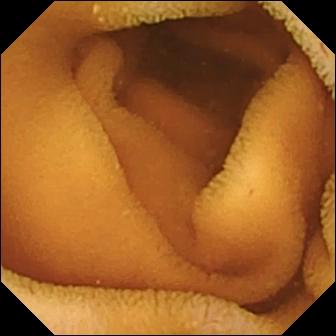Normal clean mucosa.